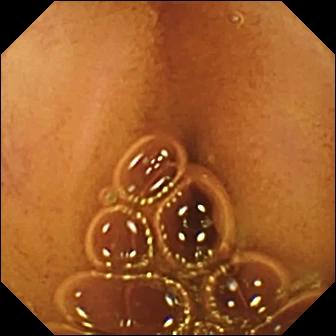WCE image. Normal clean mucosa.